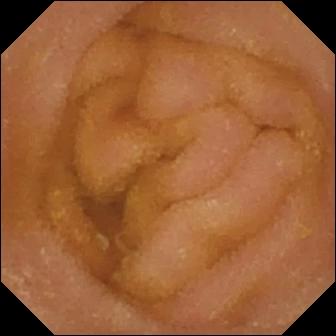PROCEDURE: VCE.
FINDINGS: Normal clean mucosa.